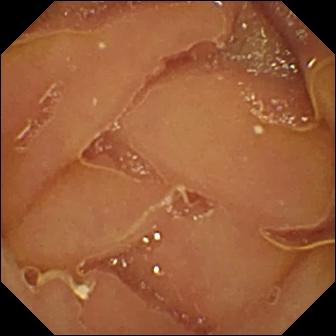Wireless capsule endoscopy. Impression: normal clean mucosa.